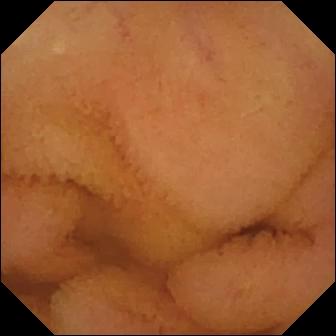Q: What does this small-bowel capsule endoscopy still show?
A: Normal clean mucosa.